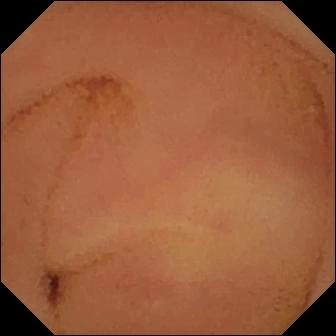This WCE snapshot shows normal clean mucosa.